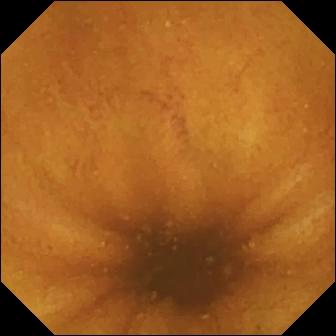This WCE frame of the small bowel shows normal clean mucosa.